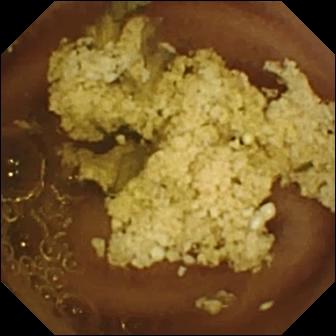modality: capsule endoscopy | segment: small intestine | category: luminal finding | observation: normal clean mucosa